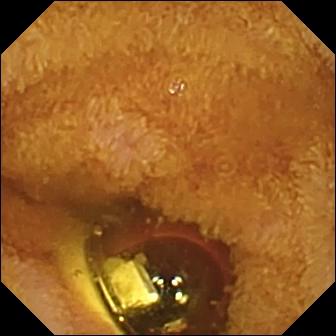Video capsule endoscopy snapshot. Foreign body (e.g. retained capsule, tablet residue).